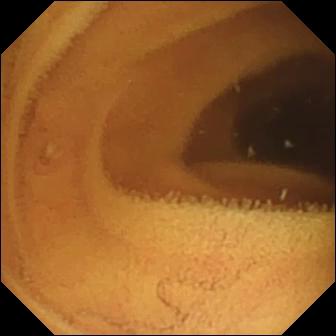Normal clean mucosa — wireless capsule endoscopy image.